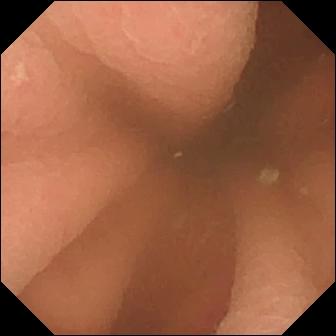{"modality": "WCE", "video_segment": "pylorus region"}